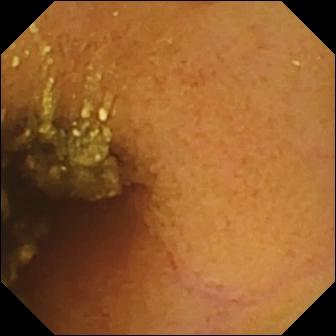WCE — normal clean mucosa.